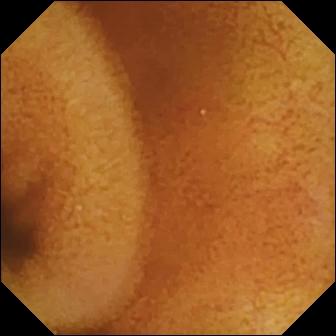Wireless capsule endoscopy image (small intestine), 336×336. Normal clean mucosa.